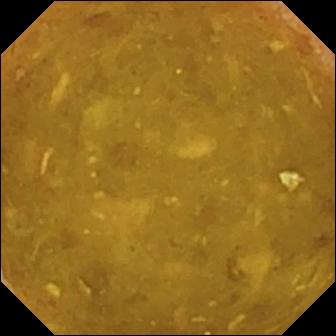Reduced mucosal view (content or bubbles obscuring the mucosa).